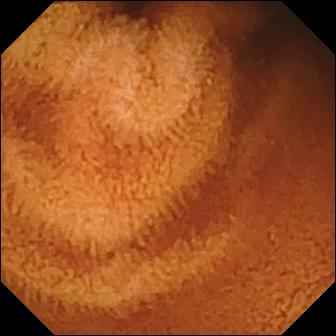This VCE view shows normal clean mucosa.